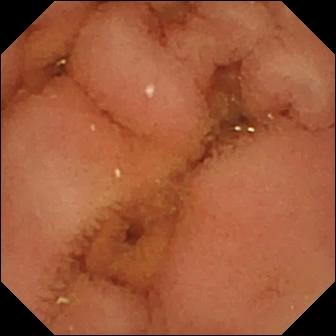modality: capsule endoscopy
segment: small bowel
impression: normal clean mucosa